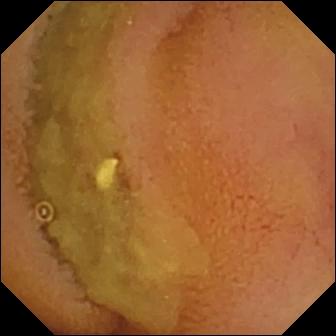Normal clean mucosa.